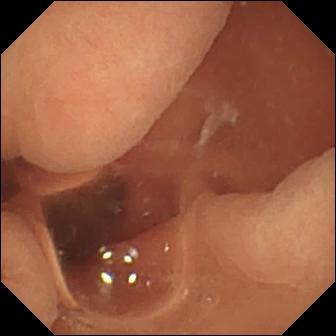VCE. Luminal finding. Label: normal clean mucosa.